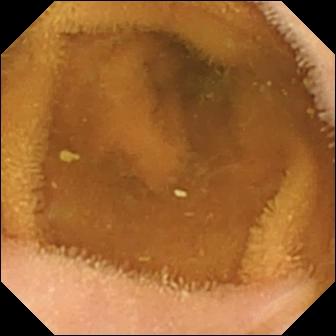This capsule endoscopy view shows normal clean mucosa.